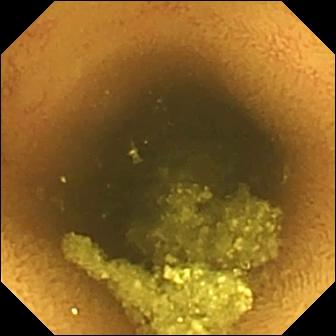Q: What does this WCE still show?
A: Normal clean mucosa.